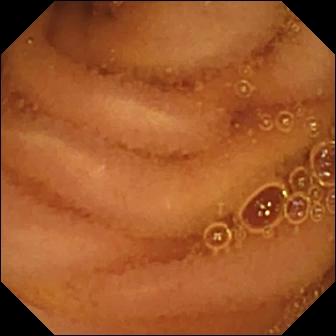PROCEDURE: WCE.
FINDINGS: Normal clean mucosa.